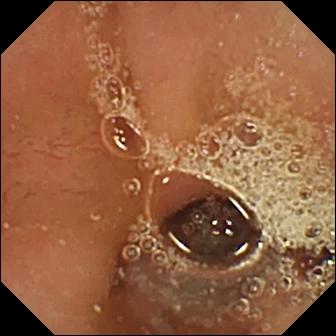- modality: video capsule endoscopy
- category: anatomical landmark
- position: pylorus region (the junction between the stomach and the small bowel)